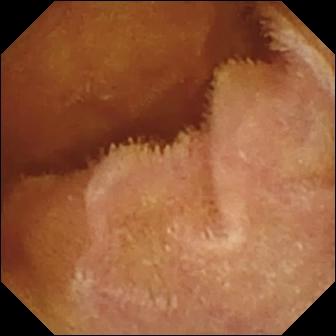modality: small-bowel capsule endoscopy
segment: small intestine
observation: normal clean mucosa